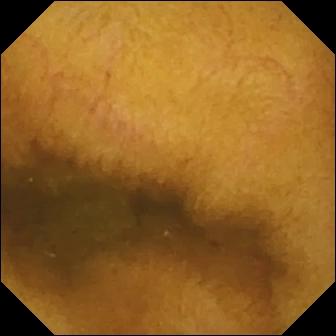Normal clean mucosa — WCE snapshot.